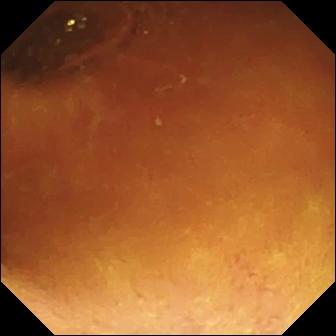{"modality": "wireless capsule endoscopy", "category": "luminal finding", "finding": "normal clean mucosa"}